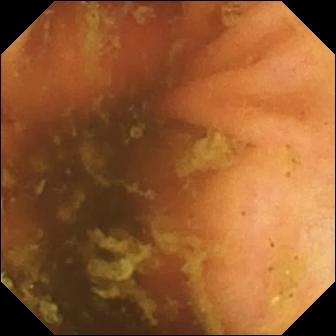Capsule endoscopy frame. Taken in the ileo-cecal valve region (where the capsule passes from the small bowel into the large bowel).